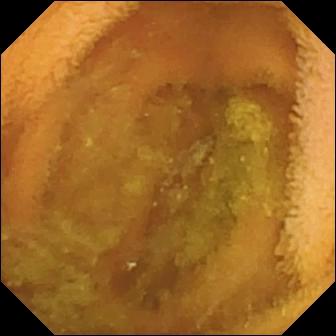Capsule endoscopy still
Finding: normal clean mucosa